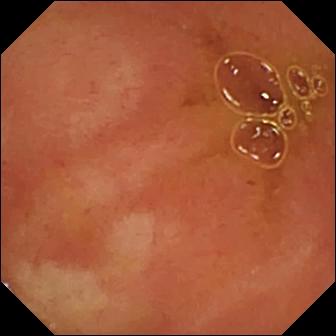Video capsule endoscopy snapshot
Video segment: ileo-cecal valve region